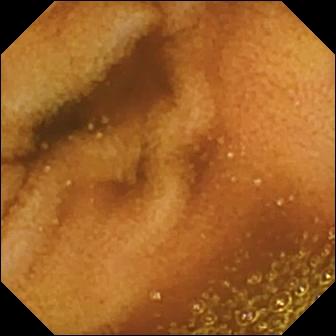This small-bowel capsule endoscopy image shows normal clean mucosa.